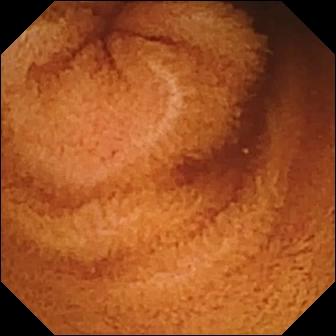Normal clean mucosa (336×336).